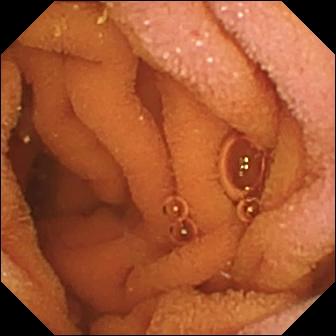modality: wireless capsule endoscopy; impression: normal clean mucosa